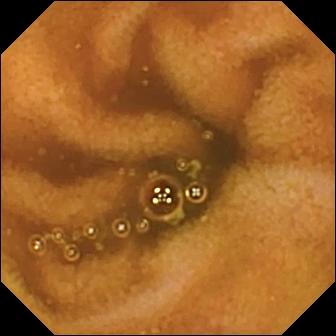Normal clean mucosa — video capsule endoscopy still.